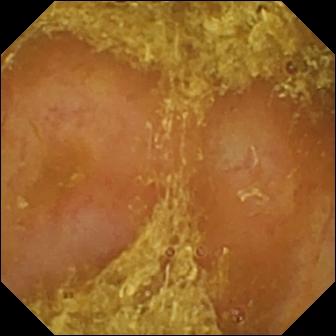WCE. Finding: reduced mucosal view (content or bubbles obscuring the mucosa).